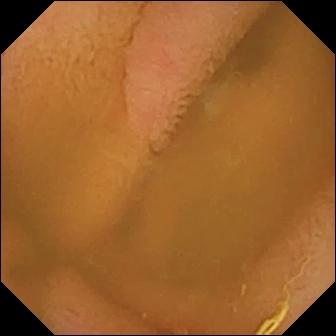This small-bowel capsule endoscopy image shows normal clean mucosa.